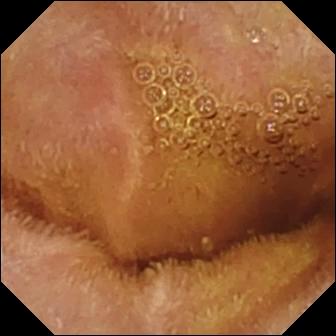PROCEDURE: Capsule endoscopy.
FINDINGS: Normal clean mucosa.